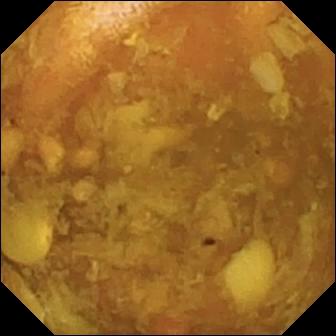This capsule endoscopy image shows reduced mucosal view (content or bubbles obscuring the mucosa).